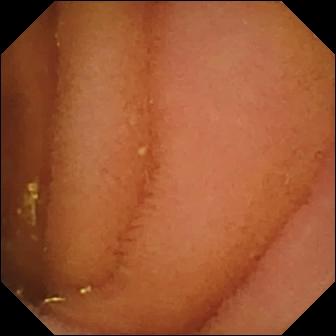Normal clean mucosa.